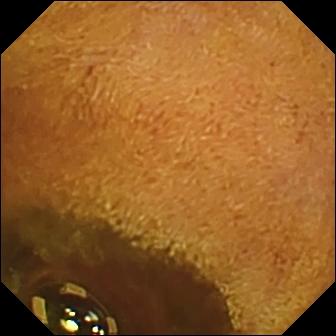PROCEDURE: WCE.
FINDINGS: Foreign body (e.g. retained capsule, tablet residue).